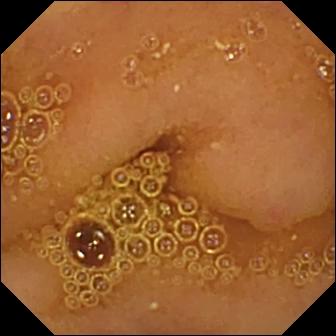This wireless capsule endoscopy view of the small intestine shows normal clean mucosa.